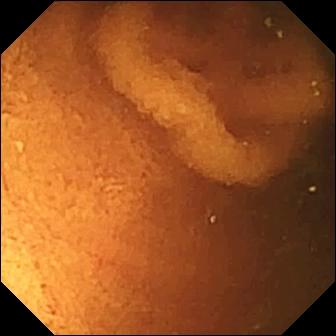WCE. Small intestine. Label: normal clean mucosa.